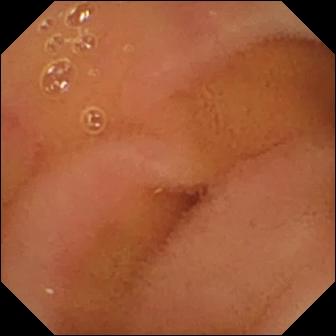Capsule endoscopy. Observation: normal clean mucosa.